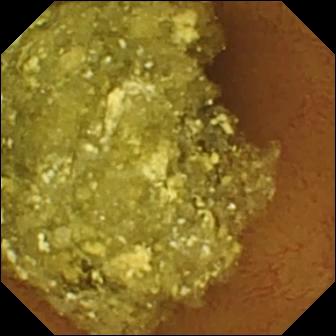PROCEDURE: WCE.
FINDINGS: Normal clean mucosa.